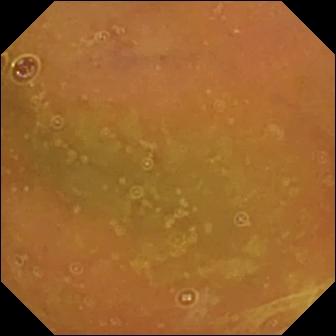- modality: video capsule endoscopy
- category: luminal finding
- label: normal clean mucosa